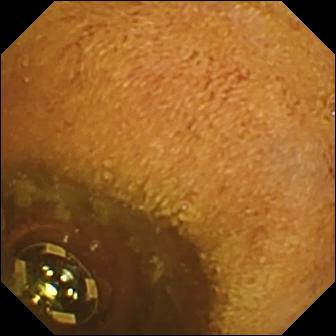Foreign body (e.g. retained capsule, tablet residue) — video capsule endoscopy still.